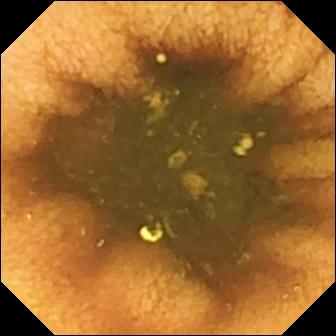modality: wireless capsule endoscopy
category: anatomical landmark
location: ileo-cecal valve region (where the capsule passes from the small bowel into the large bowel)